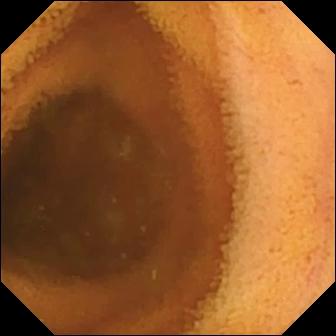Small-bowel capsule endoscopy snapshot (small intestine). Normal clean mucosa.